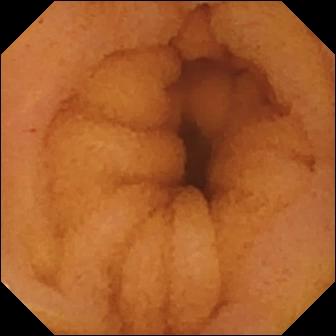Capsule endoscopy image of the small intestine showing normal clean mucosa.